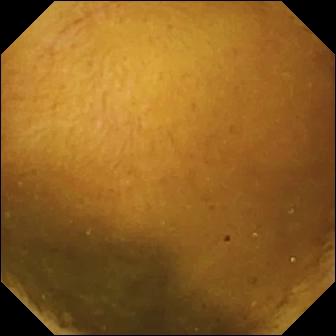WCE — normal clean mucosa.